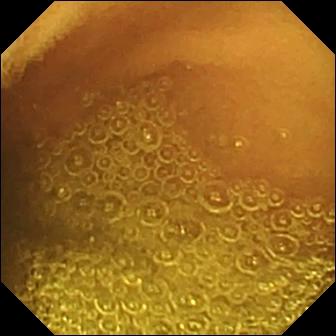Normal clean mucosa.